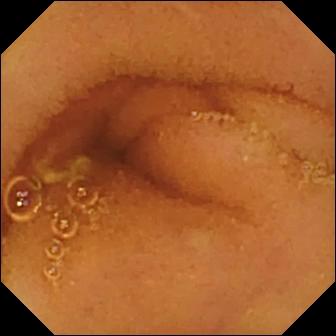- modality: WCE
- segment: small intestine
- category: luminal finding
- label: normal clean mucosa